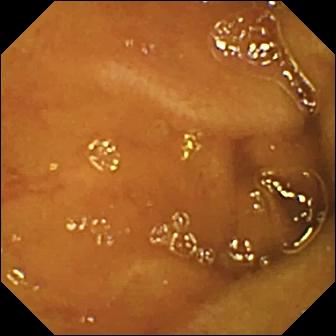VCE — normal clean mucosa.